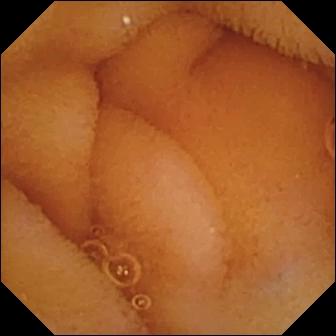Normal clean mucosa (336×336).